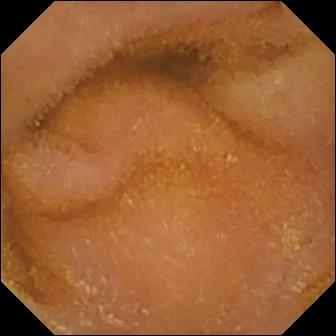{"modality": "capsule endoscopy", "finding": "normal clean mucosa"}